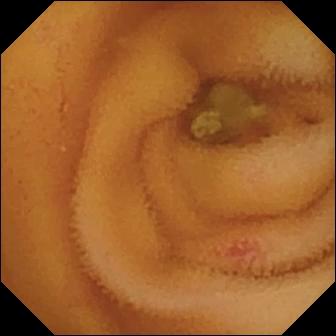Angiectasia — WCE frame.